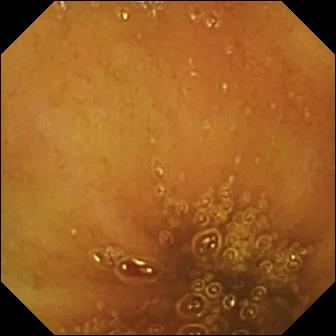{"modality": "WCE", "category": "luminal finding", "finding": "normal clean mucosa"}